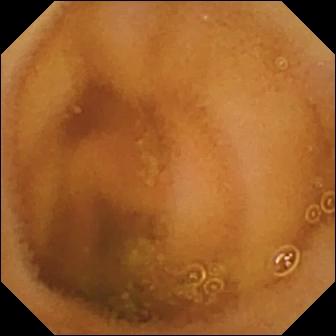Q: What does this wireless capsule endoscopy frame show?
A: Normal clean mucosa.